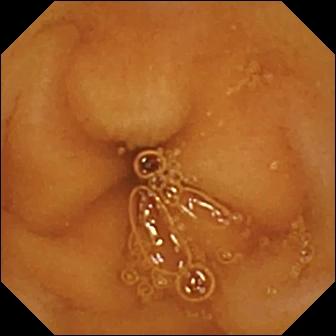VCE. Finding: normal clean mucosa.